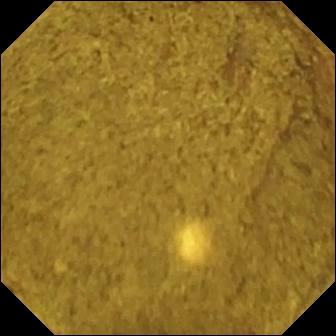Q: Where in the digestive tract was this wireless capsule endoscopy view taken?
A: Ileo-cecal valve region (where the capsule passes from the small bowel into the large bowel).